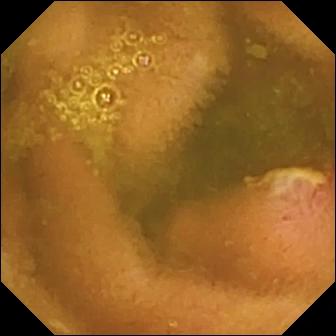Ulcer — capsule endoscopy frame.